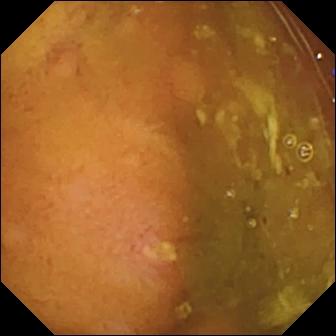WCE. Observation: ulcer.